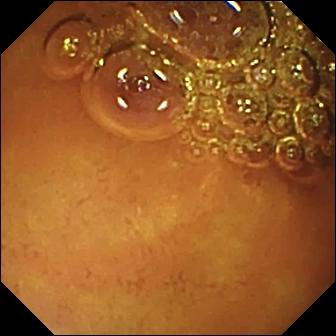VCE image (small intestine), 336×336. Normal clean mucosa.